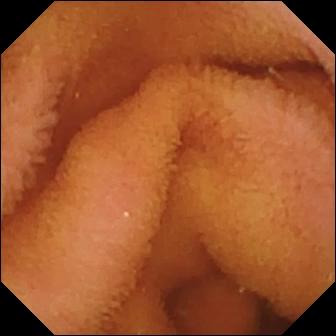Q: What does this VCE still show?
A: Normal clean mucosa.